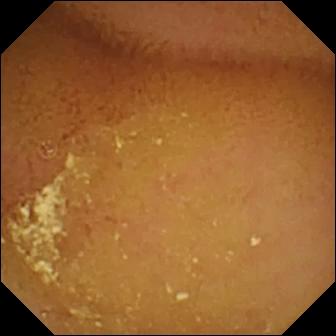Video capsule endoscopy frame. Normal clean mucosa.